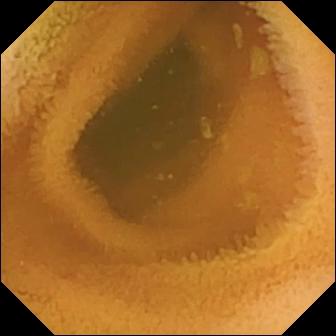modality: WCE | impression: normal clean mucosa